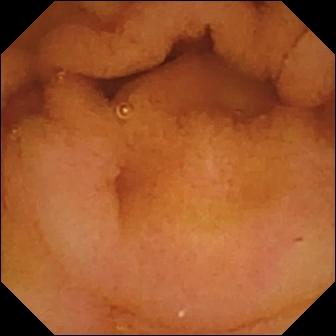Video capsule endoscopy view of the small intestine showing normal clean mucosa.